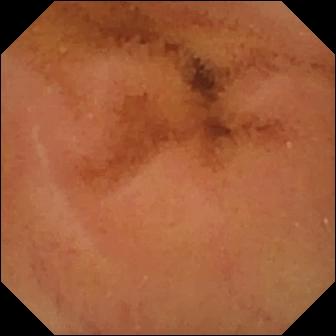Video capsule endoscopy. Small bowel. Label: normal clean mucosa.